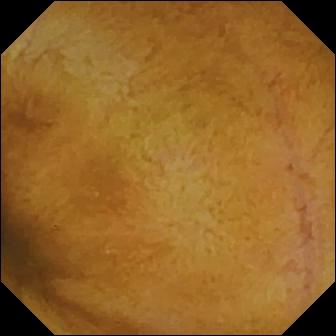Normal clean mucosa — video capsule endoscopy image.